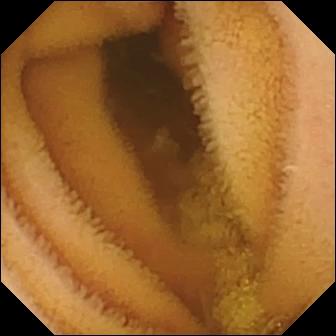Video capsule endoscopy. Small intestine. Label: normal clean mucosa.